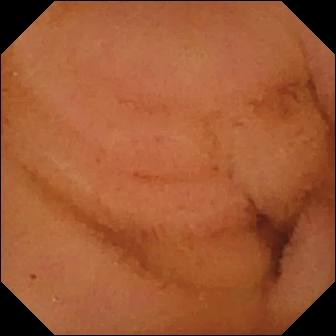modality: video capsule endoscopy | impression: normal clean mucosa